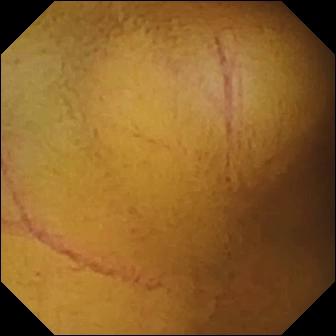Small-bowel capsule endoscopy. Observation: normal clean mucosa.